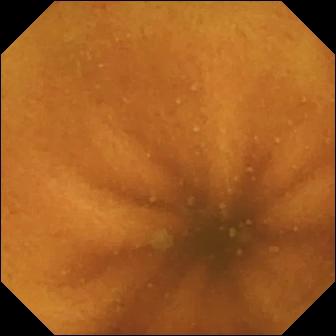Video capsule endoscopy image (small bowel), 336×336. Normal clean mucosa.